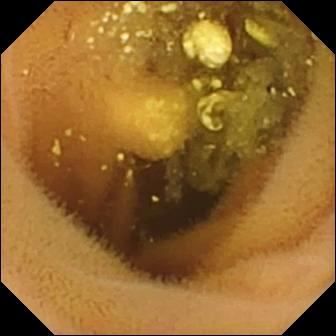Q: What does this wireless capsule endoscopy snapshot show?
A: Lymphangiectasia.